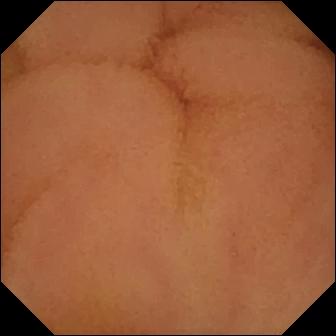This WCE frame shows normal clean mucosa.